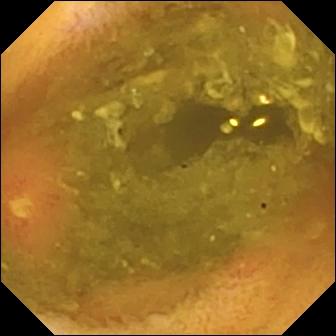{"modality": "wireless capsule endoscopy", "finding": "ulcer"}